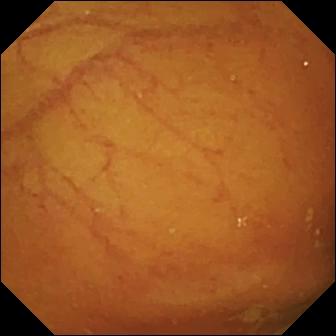WCE — ileo-cecal valve region.